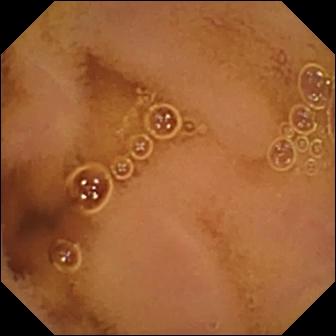- modality: WCE
- segment: small bowel
- finding: normal clean mucosa